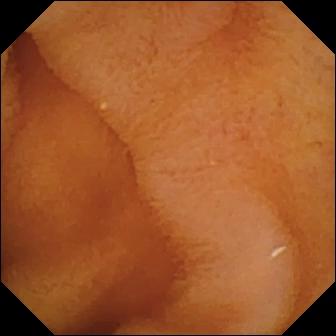Capsule endoscopy. Small intestine. Luminal finding. Finding: normal clean mucosa.